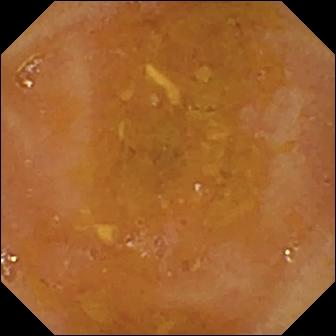PROCEDURE: Wireless capsule endoscopy.
FINDINGS: Reduced mucosal view (content or bubbles obscuring the mucosa).